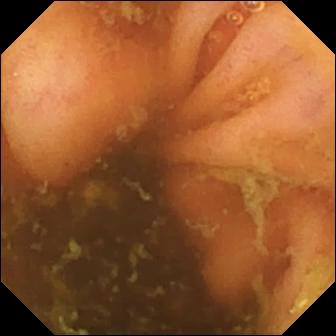Q: Where in the digestive tract was this VCE view taken?
A: Ileo-cecal valve region (where the capsule passes from the small bowel into the large bowel).